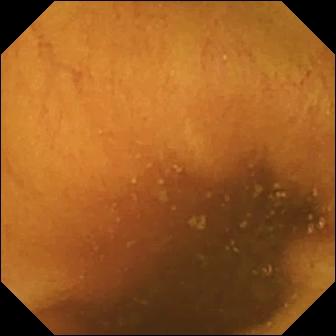Capsule endoscopy — normal clean mucosa.